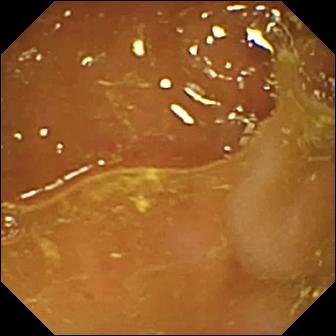Wireless capsule endoscopy view taken in the ileo-cecal valve region (where the capsule passes from the small bowel into the large bowel).